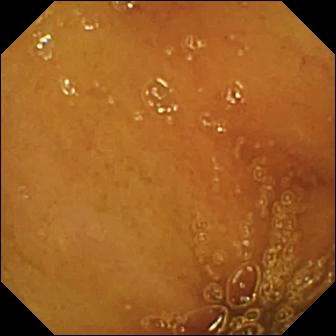VCE image (small intestine). Normal clean mucosa.